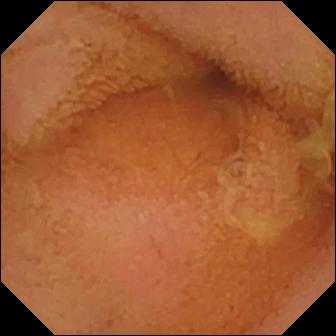Video capsule endoscopy view showing normal clean mucosa.